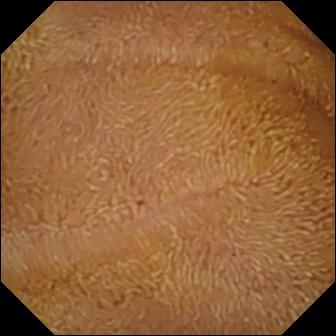PROCEDURE: WCE.
FINDINGS: Normal clean mucosa.